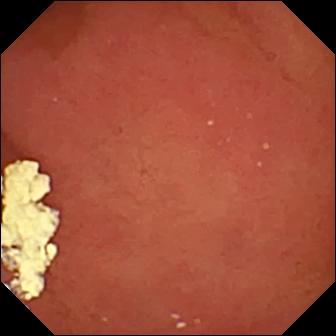Wireless capsule endoscopy view. Taken in the pylorus region.